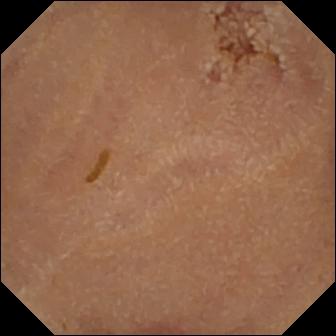This wireless capsule endoscopy view of the small intestine shows normal clean mucosa.